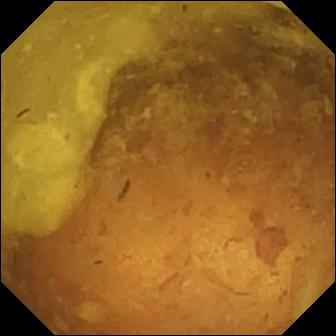Reduced mucosal view (content or bubbles obscuring the mucosa) — small-bowel capsule endoscopy view.